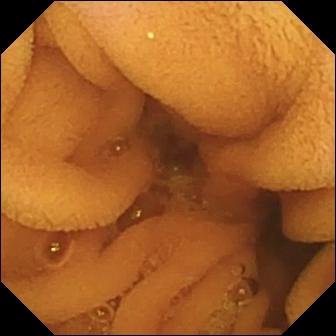This small-bowel capsule endoscopy frame shows normal clean mucosa.